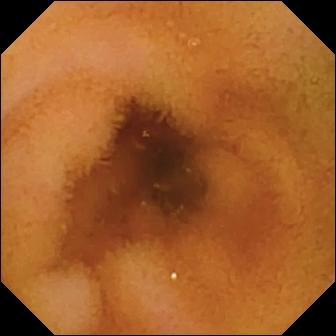Small-bowel capsule endoscopy view of the small intestine showing normal clean mucosa.